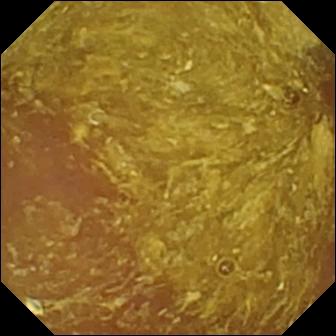Capsule endoscopy — reduced mucosal view (content or bubbles obscuring the mucosa).